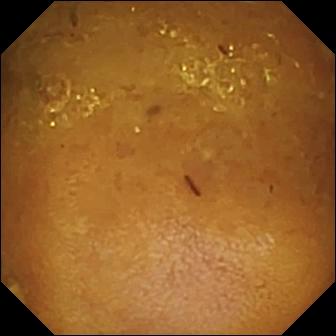Video capsule endoscopy view
Impression: reduced mucosal view (content or bubbles obscuring the mucosa)